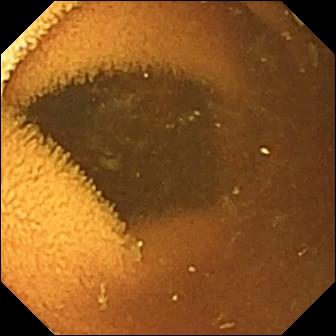This VCE frame shows normal clean mucosa.